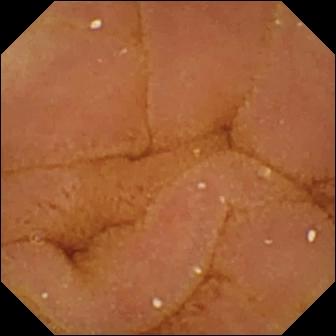modality: small-bowel capsule endoscopy | label: normal clean mucosa